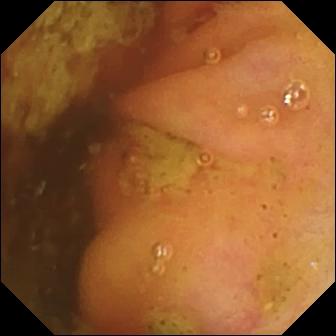Wireless capsule endoscopy. Near an anatomical landmark. Location: ileo-cecal valve region.